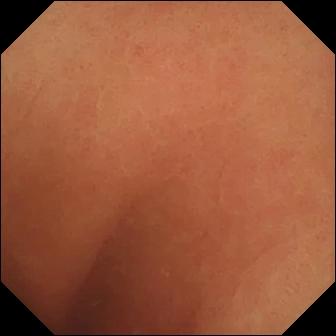Q: What does this small-bowel capsule endoscopy snapshot show?
A: Normal clean mucosa.